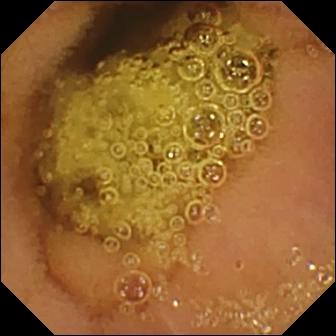VCE. Luminal finding. Observation: normal clean mucosa.